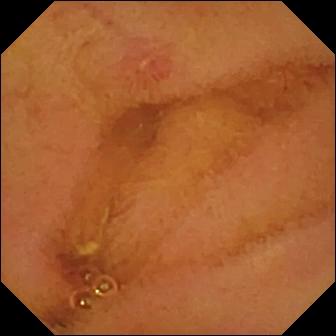Wireless capsule endoscopy image. Erosion.